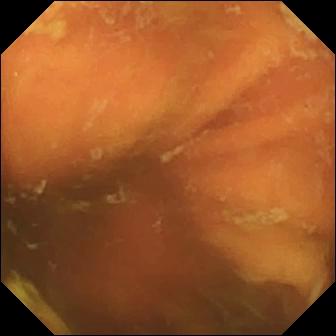Small-bowel capsule endoscopy still taken in the ileo-cecal valve region.